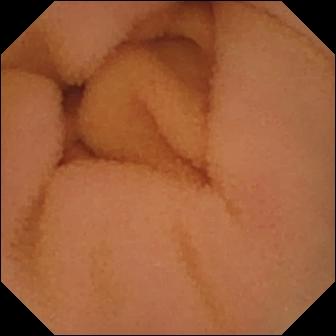VCE snapshot showing normal clean mucosa.